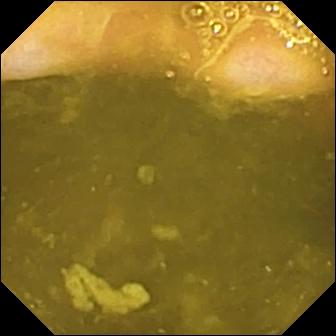Capsule endoscopy view taken in the ileo-cecal valve region (where the capsule passes from the small bowel into the large bowel).